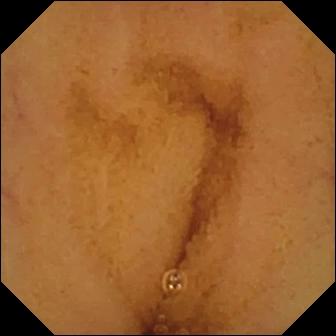Capsule endoscopy. Small intestine. Luminal finding. Impression: normal clean mucosa.